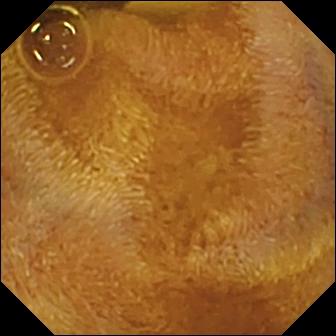{"modality": "video capsule endoscopy", "finding": "foreign body (e.g. retained capsule, tablet residue)"}